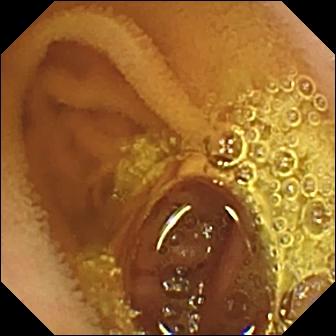Normal clean mucosa — VCE image of the small intestine.